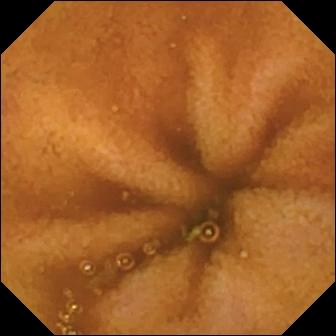Wireless capsule endoscopy snapshot
Observation: normal clean mucosa